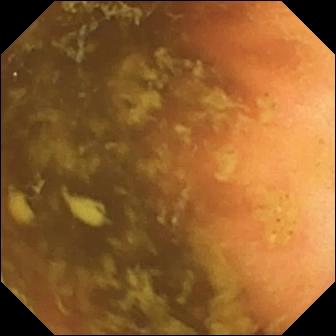Video capsule endoscopy image
Position: ileo-cecal valve region (where the capsule passes from the small bowel into the large bowel)